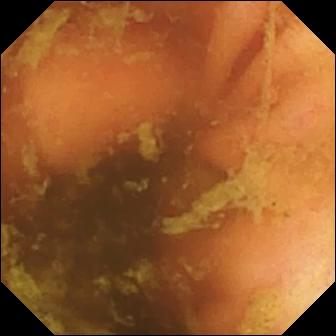PROCEDURE: VCE.
LABEL: Ileo-cecal valve region (the transition from the small bowel to the large bowel).